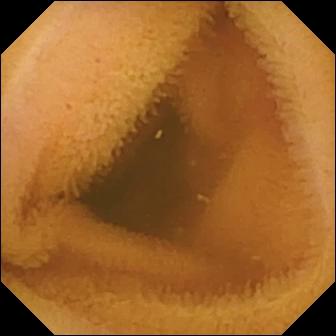WCE view, small intestine
Label: normal clean mucosa